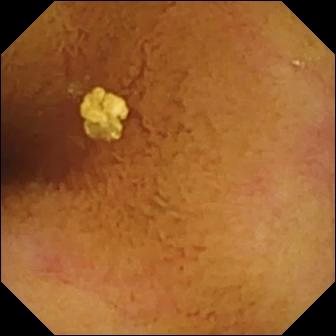Small-bowel capsule endoscopy — normal clean mucosa.